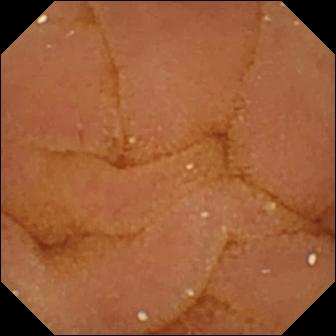WCE — normal clean mucosa.